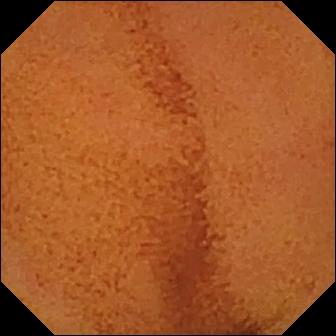Q: What does this small-bowel capsule endoscopy frame of the small intestine show?
A: Normal clean mucosa.